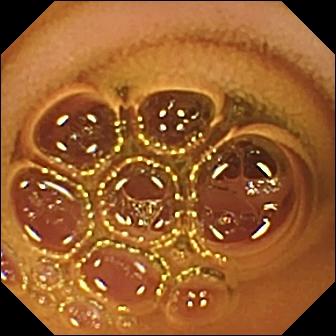Q: What does this VCE view of the small intestine show?
A: Normal clean mucosa.